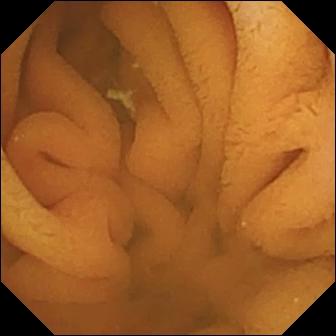Small-bowel capsule endoscopy still (small bowel). Normal clean mucosa.